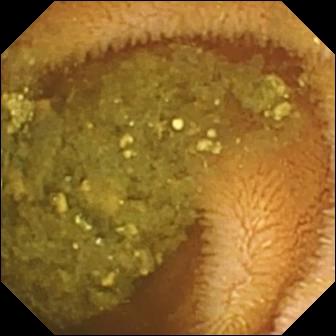PROCEDURE: Video capsule endoscopy.
SEGMENT: Small bowel.
FINDINGS: Reduced mucosal view (content or bubbles obscuring the mucosa).